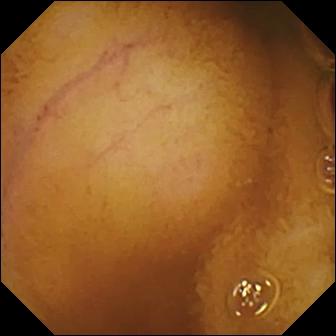Normal clean mucosa.